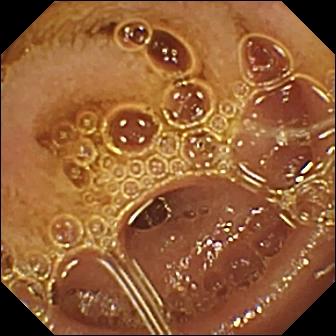modality: small-bowel capsule endoscopy
observation: normal clean mucosa